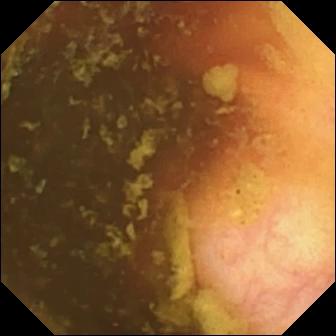Wireless capsule endoscopy view
Label: ileo-cecal valve region (the transition from the small bowel to the large bowel)